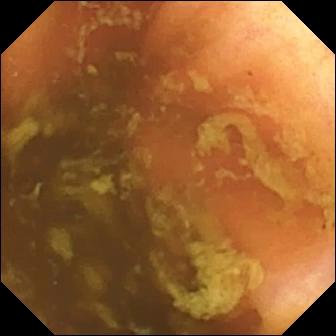Q: Where in the digestive tract was this wireless capsule endoscopy view taken?
A: Ileo-cecal valve region (the transition from the small bowel to the large bowel).